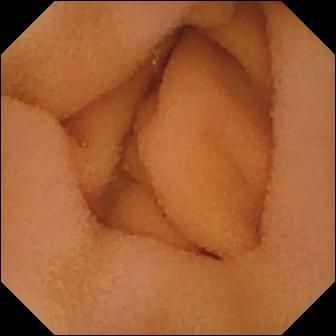Small-bowel capsule endoscopy still (small bowel). Normal clean mucosa.